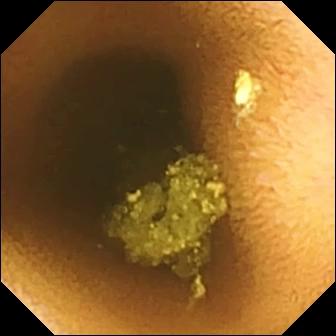VCE image
Finding: normal clean mucosa